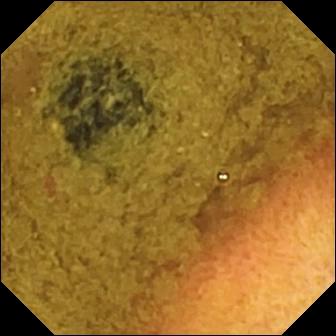{"modality": "wireless capsule endoscopy", "label": "ileo-cecal valve region (the transition from the small bowel to the large bowel)"}